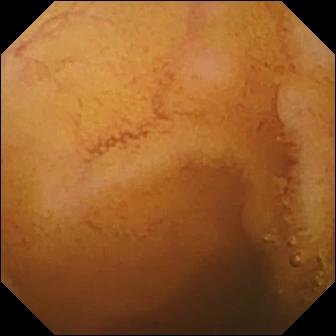Normal clean mucosa — WCE snapshot of the small bowel.